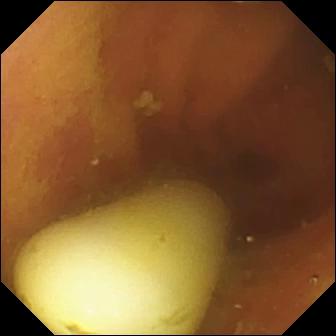Wireless capsule endoscopy view showing foreign body (e.g. retained capsule, tablet residue).